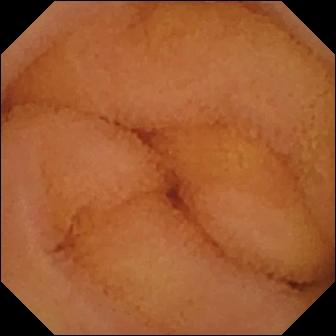This capsule endoscopy still of the small intestine shows normal clean mucosa.